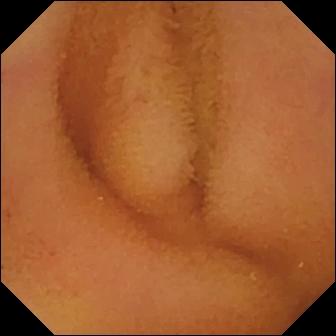Q: What does this VCE view of the small intestine show?
A: Normal clean mucosa.